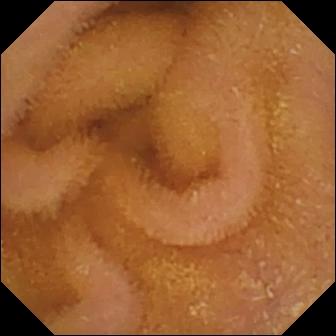WCE — normal clean mucosa.